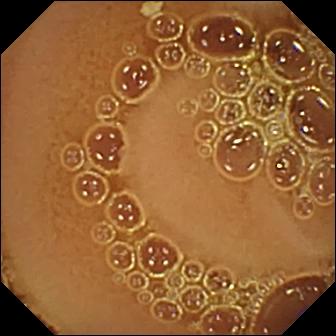- modality: capsule endoscopy
- observation: normal clean mucosa